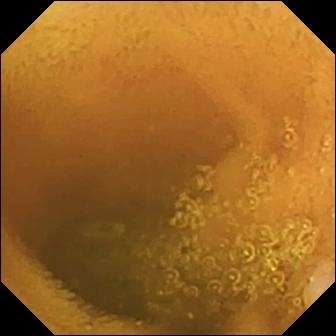Q: What does this capsule endoscopy view of the small intestine show?
A: Normal clean mucosa.